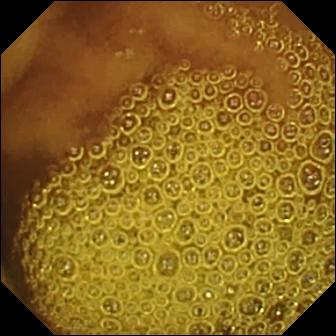modality: video capsule endoscopy
impression: normal clean mucosa